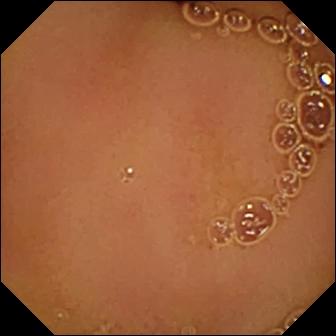WCE — normal clean mucosa.